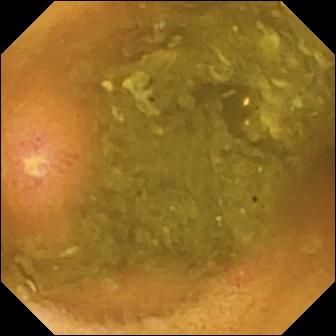WCE snapshot
Impression: ulcer